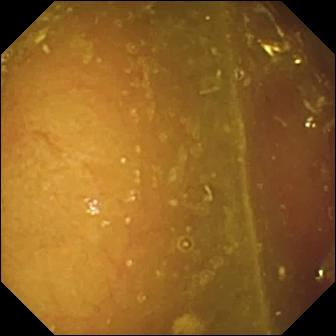Small-bowel capsule endoscopy — reduced mucosal view (content or bubbles obscuring the mucosa).